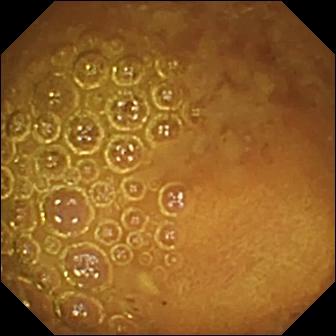Wireless capsule endoscopy — reduced mucosal view (content or bubbles obscuring the mucosa).